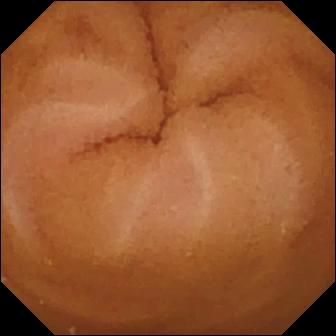modality: VCE; category: luminal finding; finding: normal clean mucosa